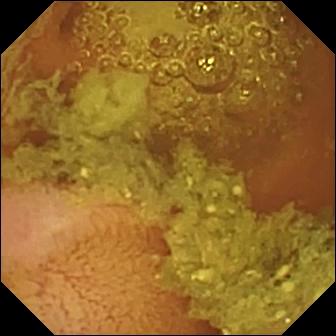VCE frame
Finding: normal clean mucosa